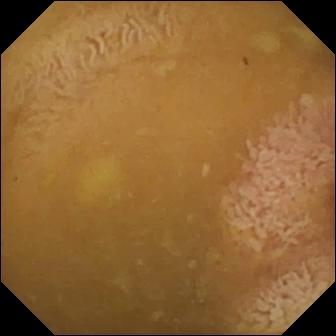VCE still taken in the ileo-cecal valve region (where the capsule passes from the small bowel into the large bowel).